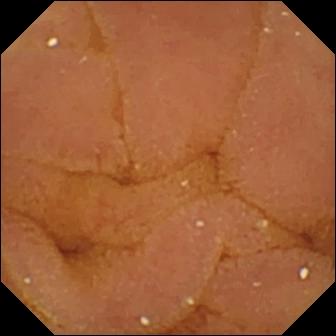- modality: video capsule endoscopy
- observation: normal clean mucosa